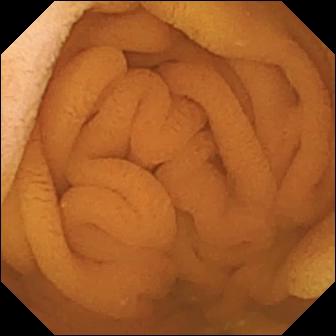PROCEDURE: Wireless capsule endoscopy.
SEGMENT: Small bowel.
FINDINGS: Normal clean mucosa.